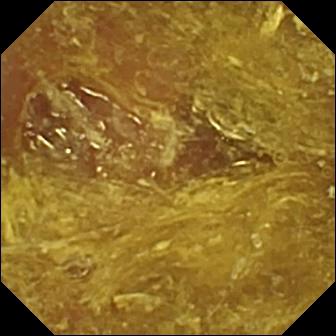Video capsule endoscopy still, small intestine
Label: reduced mucosal view (content or bubbles obscuring the mucosa)